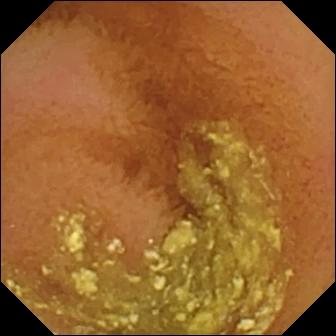Wireless capsule endoscopy image
Finding: normal clean mucosa